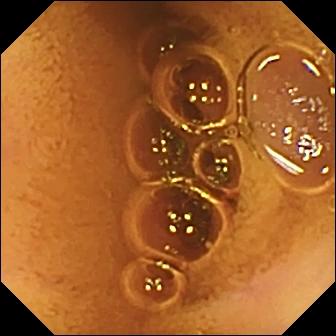{"modality": "capsule endoscopy", "category": "luminal finding", "finding": "normal clean mucosa"}